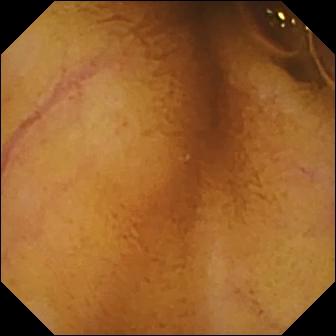Q: What does this capsule endoscopy still of the small bowel show?
A: Normal clean mucosa.